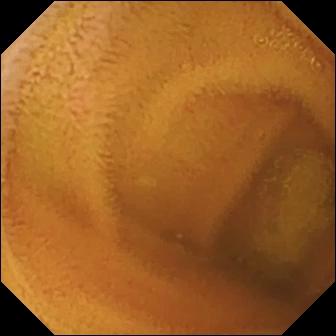Video capsule endoscopy — normal clean mucosa.